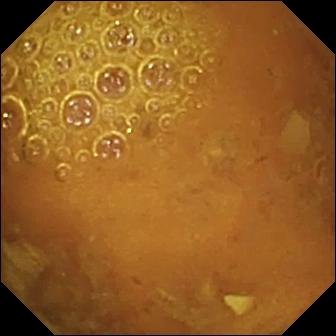{"modality": "wireless capsule endoscopy", "finding": "reduced mucosal view (content or bubbles obscuring the mucosa)"}